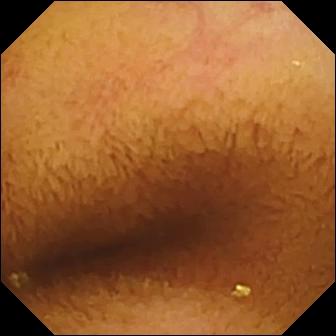Video capsule endoscopy snapshot
Observation: normal clean mucosa